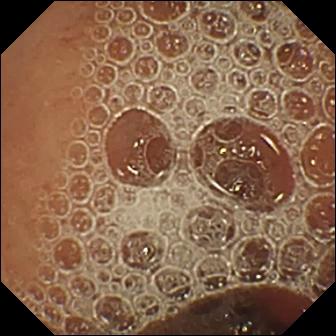Normal clean mucosa — VCE still.